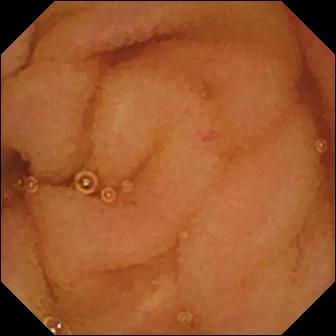Wireless capsule endoscopy — normal clean mucosa.